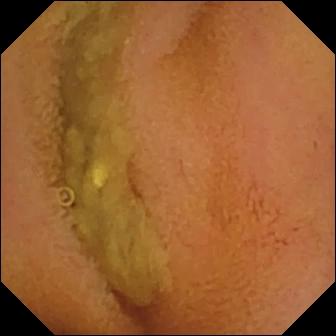Capsule endoscopy — normal clean mucosa.